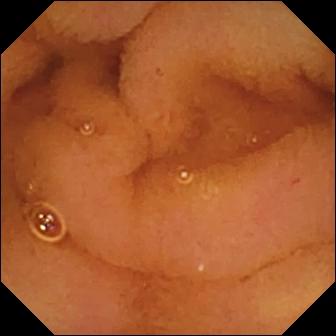Normal clean mucosa.